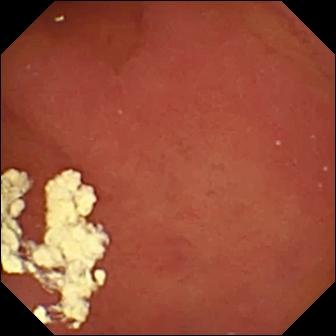This video capsule endoscopy frame was taken in the pylorus region.